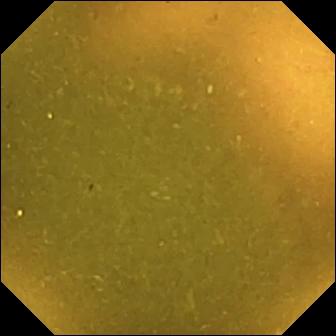Ileo-cecal valve region (where the capsule passes from the small bowel into the large bowel).